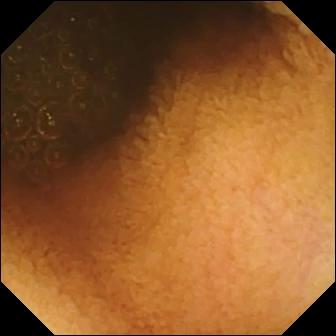Small-bowel capsule endoscopy still showing reduced mucosal view (content or bubbles obscuring the mucosa).